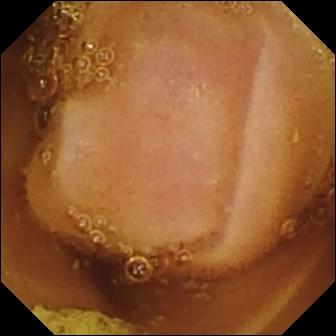Capsule endoscopy image. Normal clean mucosa.